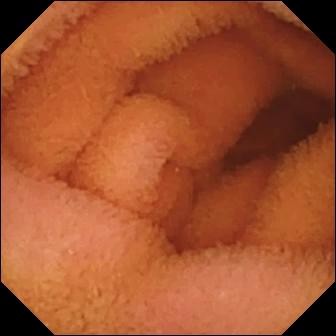{"modality": "wireless capsule endoscopy", "category": "luminal finding", "finding": "normal clean mucosa"}